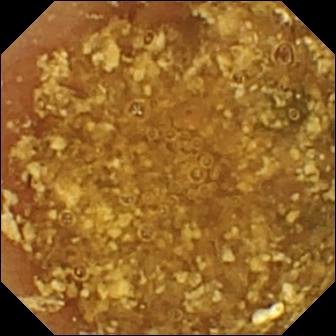This WCE frame shows reduced mucosal view (content or bubbles obscuring the mucosa).